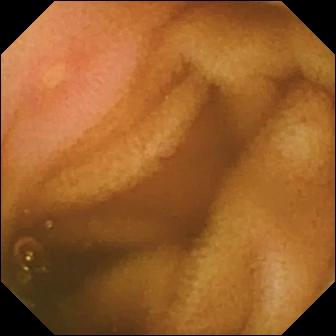{"modality": "video capsule endoscopy", "finding": "erosion"}